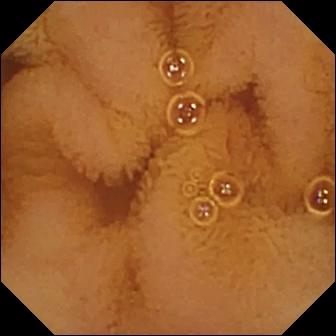PROCEDURE: Small-bowel capsule endoscopy.
SEGMENT: Small bowel.
FINDINGS: Normal clean mucosa.